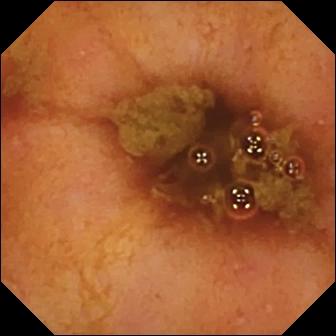Ileo-cecal valve region.